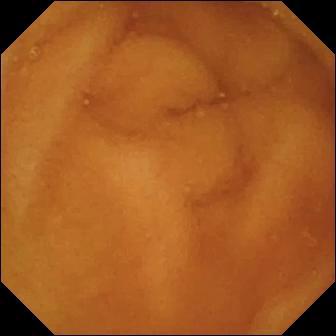Normal clean mucosa — small-bowel capsule endoscopy image of the small intestine.